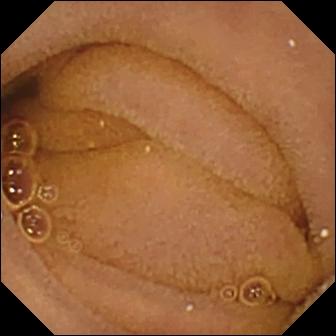This capsule endoscopy snapshot of the small intestine shows normal clean mucosa.